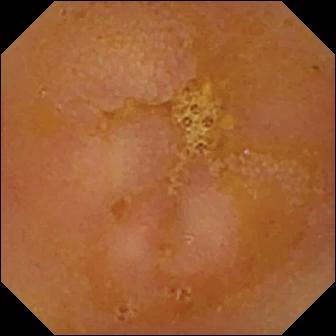- modality: wireless capsule endoscopy
- segment: small bowel
- impression: reduced mucosal view (content or bubbles obscuring the mucosa)